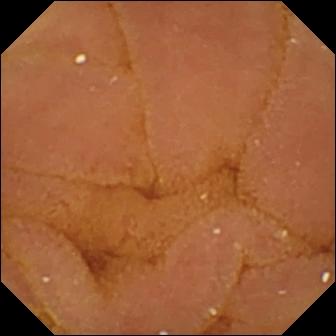- modality: wireless capsule endoscopy
- segment: small bowel
- label: normal clean mucosa